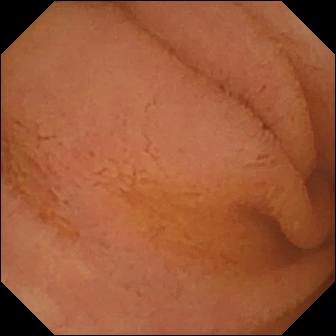- modality: capsule endoscopy
- segment: small intestine
- category: luminal finding
- label: normal clean mucosa